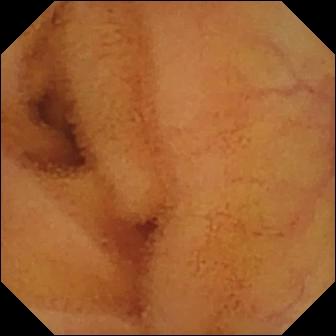Small-bowel capsule endoscopy frame showing normal clean mucosa.